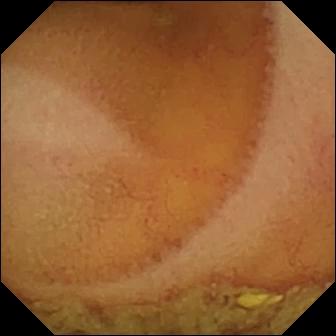- modality: small-bowel capsule endoscopy
- label: normal clean mucosa